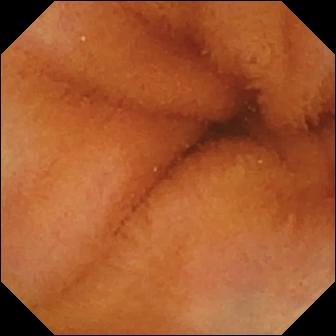VCE — normal clean mucosa.